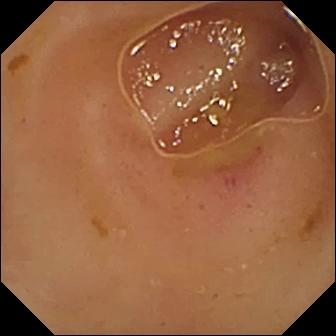{"modality": "capsule endoscopy", "finding": "erythema (mucosal redness)"}